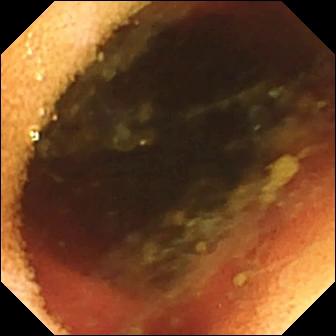This capsule endoscopy still was taken in the ileo-cecal valve region (where the capsule passes from the small bowel into the large bowel).